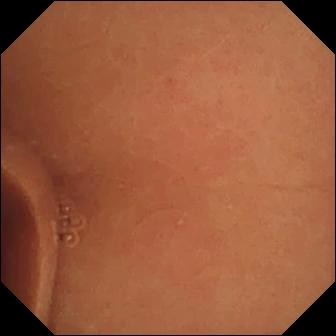Normal clean mucosa — WCE image.